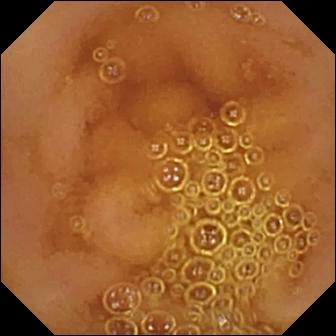VCE still of the small intestine showing normal clean mucosa.